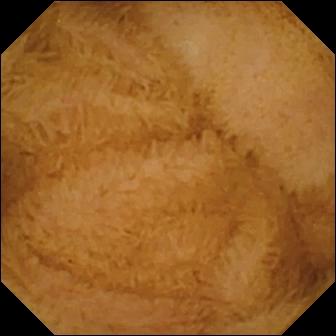modality: capsule endoscopy | impression: normal clean mucosa